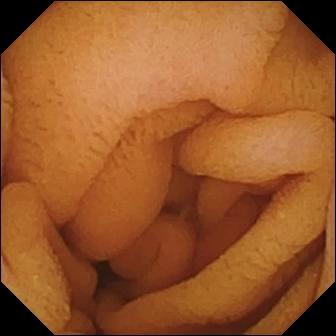Small-bowel capsule endoscopy snapshot (small intestine). Normal clean mucosa.